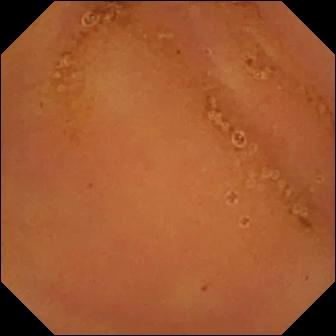Q: What does this capsule endoscopy snapshot show?
A: Normal clean mucosa.